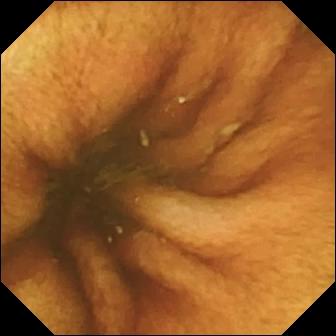PROCEDURE: WCE.
LOCATION: Ileo-cecal valve region (where the capsule passes from the small bowel into the large bowel).